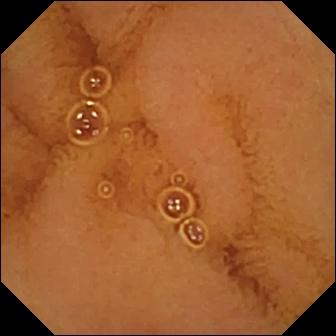Normal clean mucosa — VCE snapshot of the small bowel.